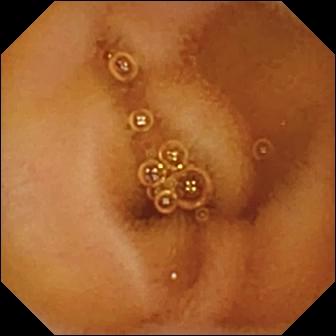Normal clean mucosa.